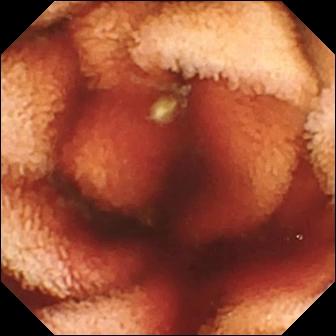This capsule endoscopy snapshot shows fresh blood in the lumen.